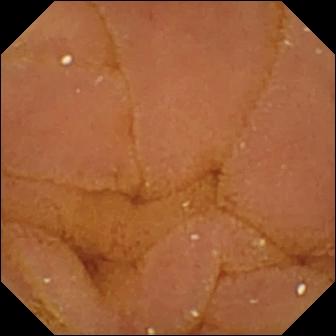modality: wireless capsule endoscopy | segment: small bowel | category: luminal finding | impression: normal clean mucosa